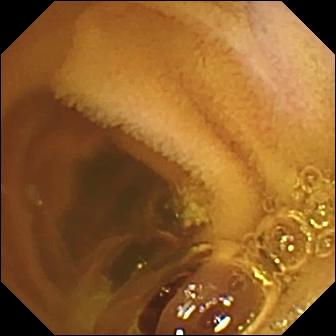Q: What does this capsule endoscopy still show?
A: Normal clean mucosa.